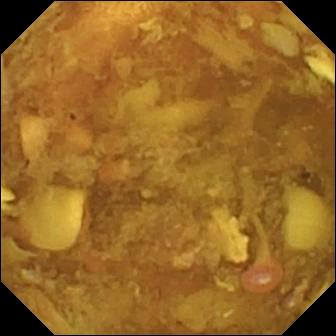Reduced mucosal view (content or bubbles obscuring the mucosa) — capsule endoscopy still.